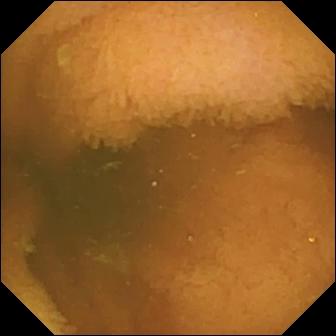Normal clean mucosa.